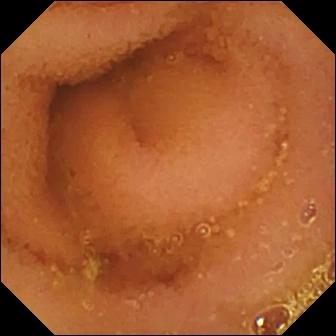Small-bowel capsule endoscopy view
Impression: normal clean mucosa